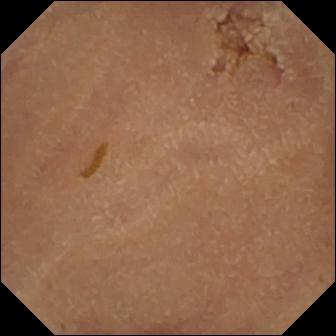modality: video capsule endoscopy | category: luminal finding | finding: normal clean mucosa